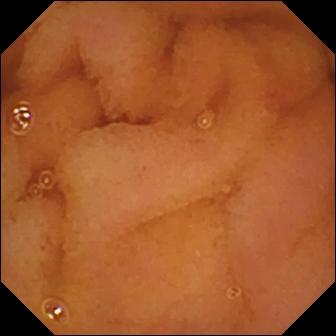WCE. Finding: normal clean mucosa.